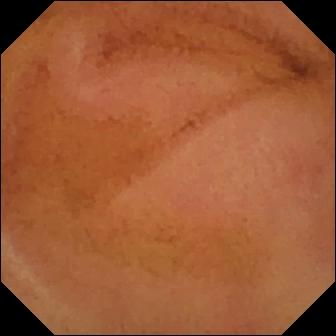Normal clean mucosa — capsule endoscopy still.